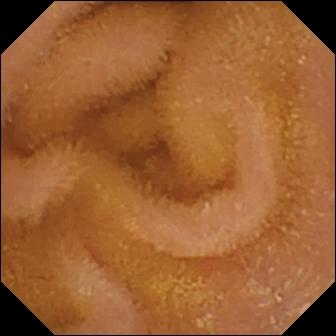Normal clean mucosa — capsule endoscopy snapshot of the small intestine.